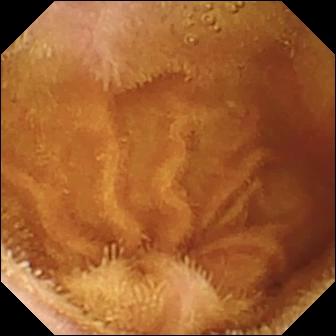Normal clean mucosa — WCE frame.